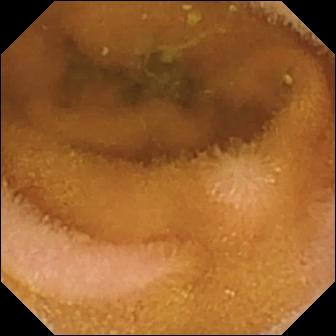modality: WCE | category: luminal finding | observation: normal clean mucosa